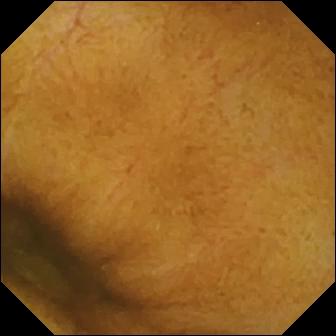Small-bowel capsule endoscopy snapshot, small intestine
Finding: normal clean mucosa